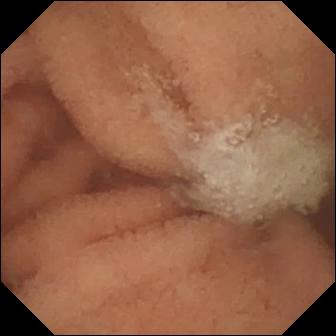VCE. Small bowel. Finding: normal clean mucosa.